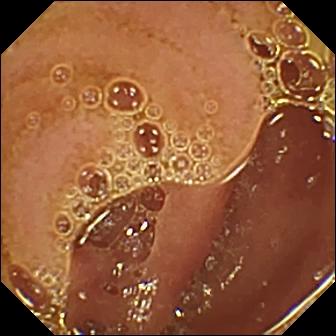Video capsule endoscopy. Label: normal clean mucosa.